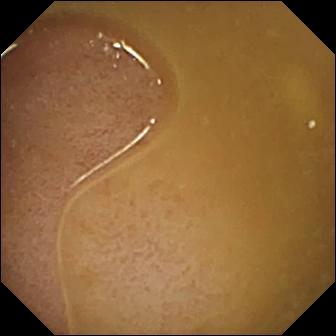- modality: capsule endoscopy
- category: anatomical landmark
- location: ileo-cecal valve region